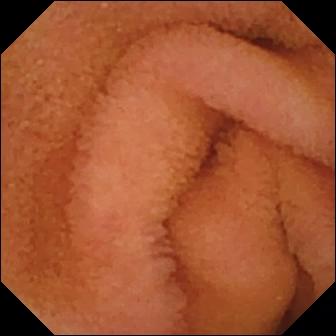Capsule endoscopy — normal clean mucosa.